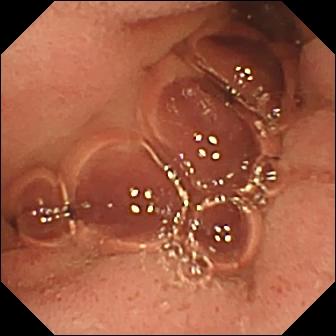Pylorus region, 336×336.